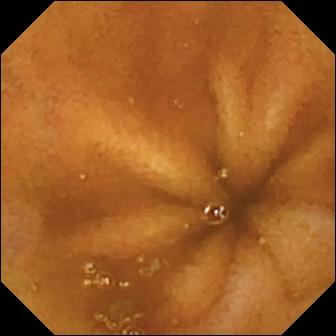Video capsule endoscopy — normal clean mucosa.